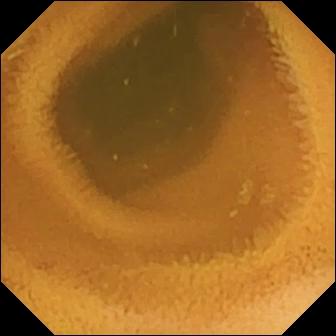Q: What does this VCE snapshot of the small bowel show?
A: Normal clean mucosa.